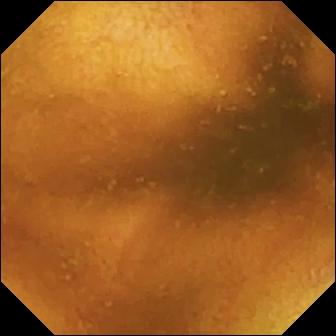Normal clean mucosa — small-bowel capsule endoscopy image of the small bowel.